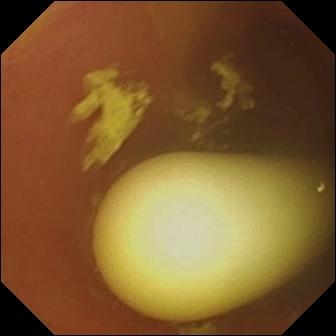Q: What does this WCE snapshot show?
A: Foreign body (e.g. retained capsule, tablet residue).